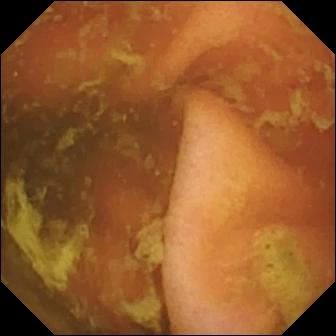WCE view taken in the ileo-cecal valve region.